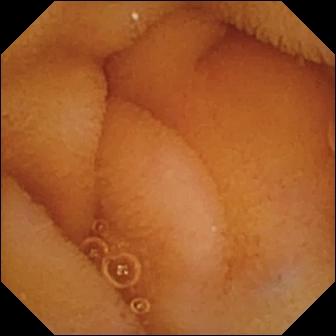Q: What does this VCE view show?
A: Normal clean mucosa.